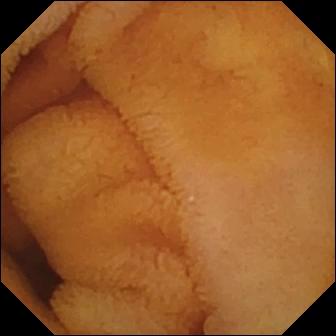{"modality": "capsule endoscopy", "segment": "small bowel", "category": "luminal finding", "finding": "normal clean mucosa"}